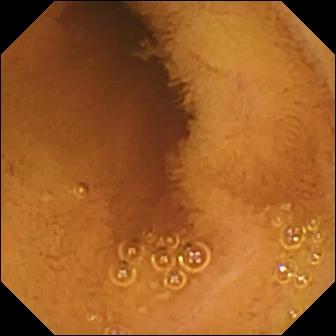{"modality": "video capsule endoscopy", "finding": "normal clean mucosa"}